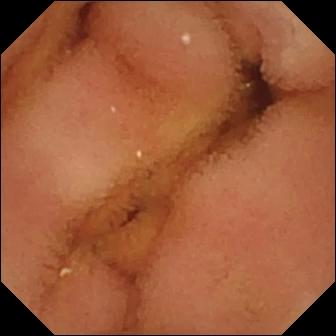{"modality": "WCE", "finding": "normal clean mucosa"}